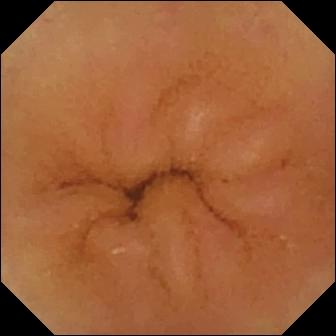Capsule endoscopy view of the small intestine showing normal clean mucosa.